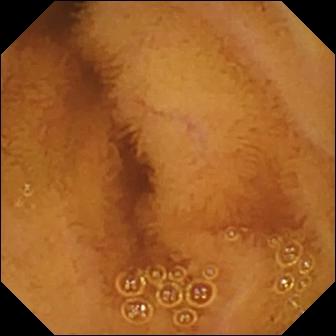PROCEDURE: Video capsule endoscopy.
SEGMENT: Small intestine.
FINDINGS: Normal clean mucosa.